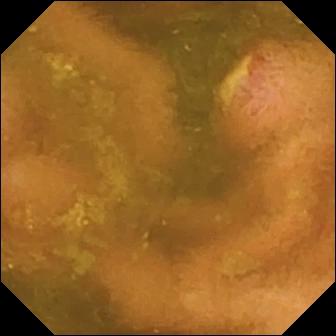WCE. Observation: ulcer.